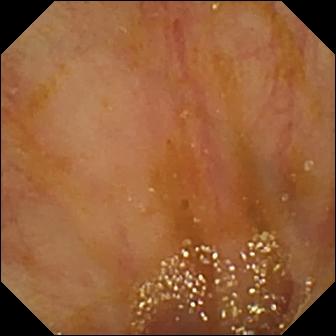Ileo-cecal valve region — VCE view.